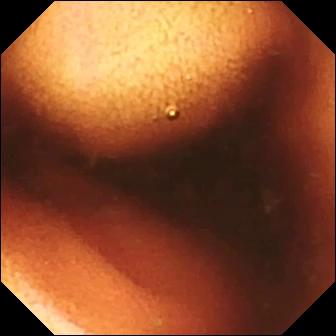Ileo-cecal valve region (the transition from the small bowel to the large bowel), 336×336.